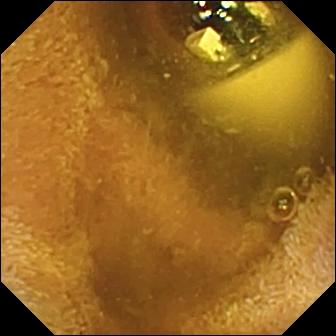PROCEDURE: VCE.
FINDINGS: Foreign body (e.g. retained capsule, tablet residue).